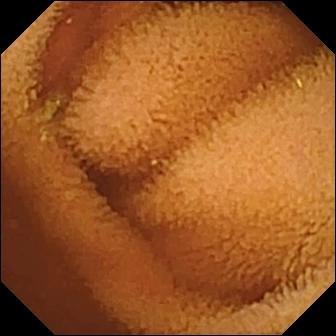Normal clean mucosa.